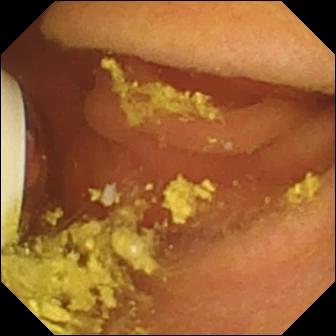WCE. Luminal finding. Finding: foreign body (e.g. retained capsule, tablet residue).